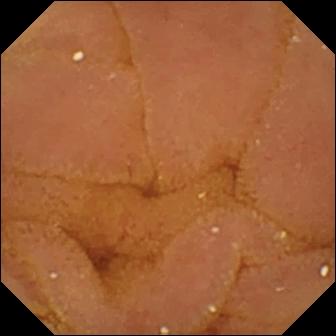{"modality": "VCE", "segment": "small intestine", "category": "luminal finding", "finding": "normal clean mucosa"}